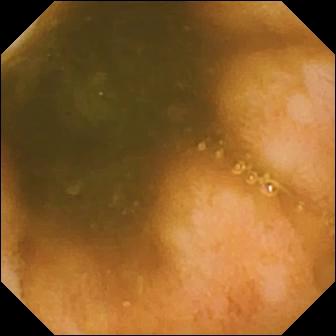This small-bowel capsule endoscopy view was taken in the ileo-cecal valve region (the transition from the small bowel to the large bowel).